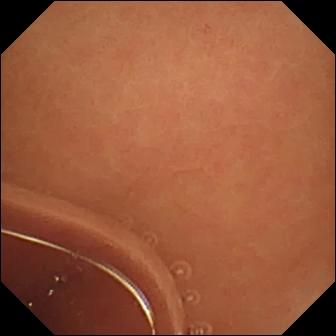Q: What does this wireless capsule endoscopy view show?
A: Normal clean mucosa.